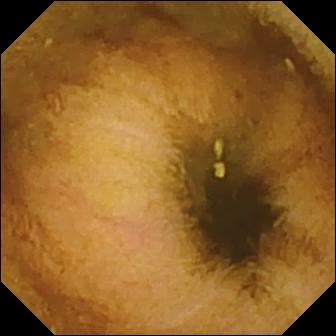Q: What does this wireless capsule endoscopy view show?
A: Normal clean mucosa.